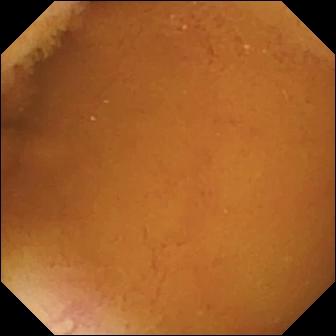- modality: capsule endoscopy
- segment: small intestine
- finding: normal clean mucosa